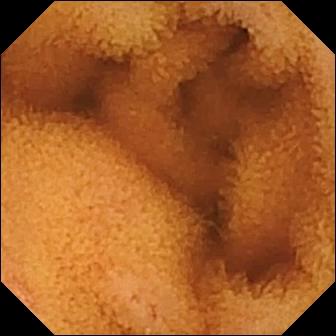Normal clean mucosa — WCE image of the small bowel.